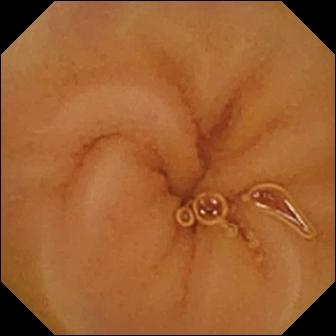Normal clean mucosa — small-bowel capsule endoscopy view.